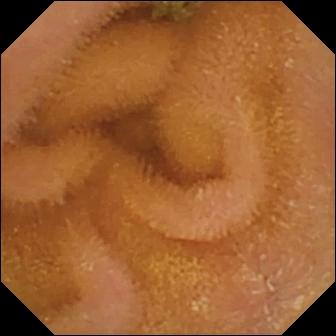PROCEDURE: Wireless capsule endoscopy.
FINDINGS: Normal clean mucosa.